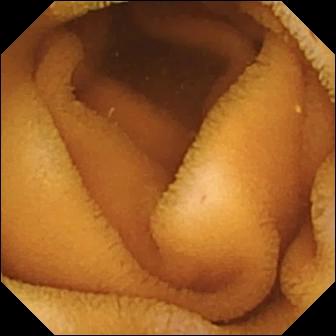Q: What does this wireless capsule endoscopy still show?
A: Normal clean mucosa.